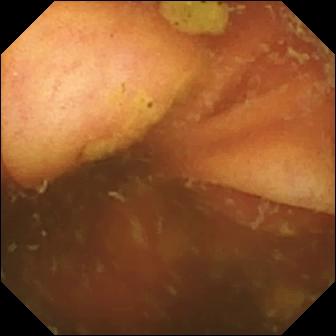Q: Where in the digestive tract was this VCE view taken?
A: Ileo-cecal valve region (the transition from the small bowel to the large bowel).